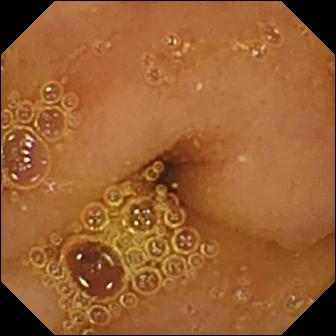This wireless capsule endoscopy frame shows normal clean mucosa.